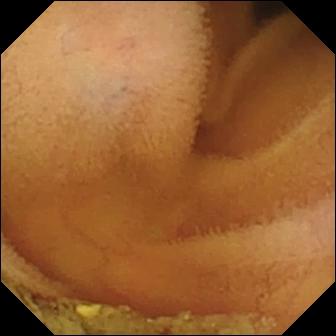{"modality": "VCE", "segment": "small bowel", "finding": "normal clean mucosa"}